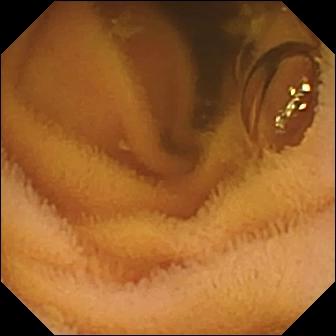{"modality": "capsule endoscopy", "finding": "normal clean mucosa"}